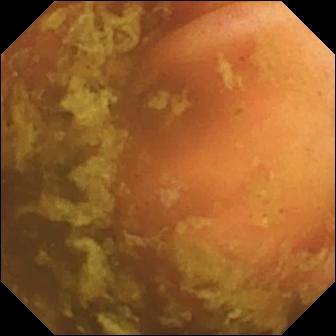Ileo-cecal valve region (where the capsule passes from the small bowel into the large bowel) — wireless capsule endoscopy frame.